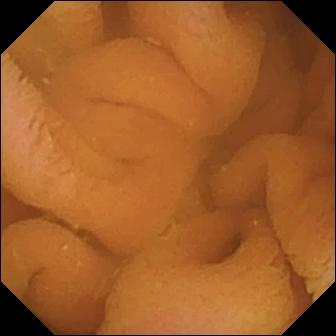Normal clean mucosa — small-bowel capsule endoscopy snapshot.